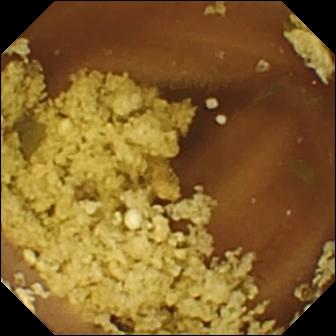Q: What does this video capsule endoscopy image show?
A: Normal clean mucosa.